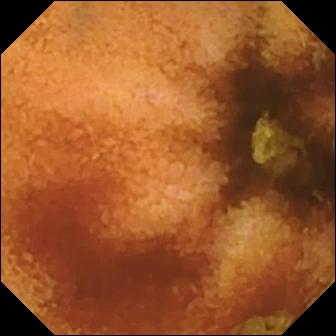Q: What does this small-bowel capsule endoscopy view show?
A: Normal clean mucosa.